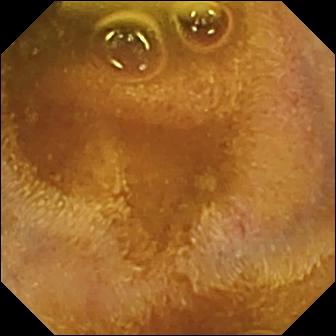Foreign body (e.g. retained capsule, tablet residue).